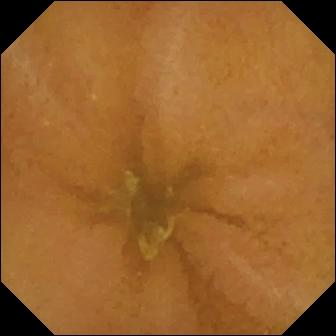- modality: wireless capsule endoscopy
- impression: normal clean mucosa